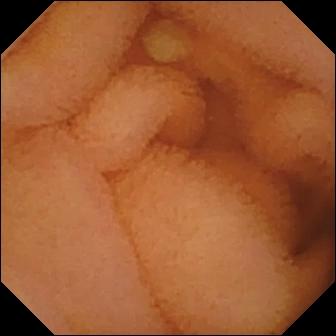WCE. Small intestine. Luminal finding. Observation: normal clean mucosa.